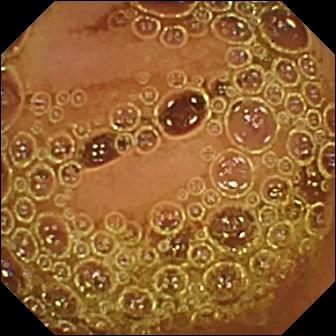Q: What does this VCE image of the small bowel show?
A: Normal clean mucosa.